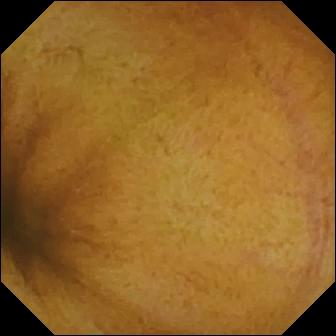Video capsule endoscopy still (small bowel). Normal clean mucosa.